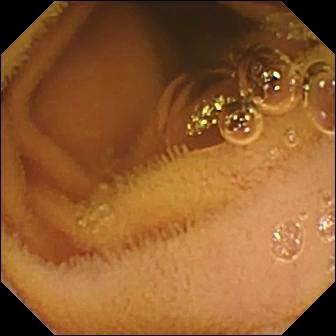Normal clean mucosa.